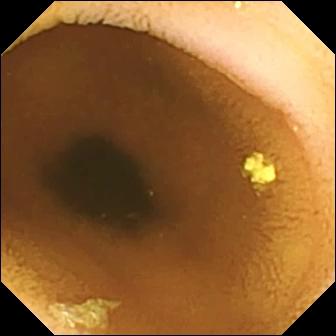This video capsule endoscopy frame of the small intestine shows normal clean mucosa.